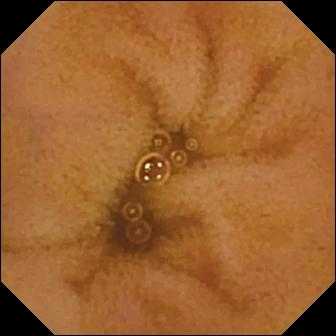Small-bowel capsule endoscopy — normal clean mucosa.